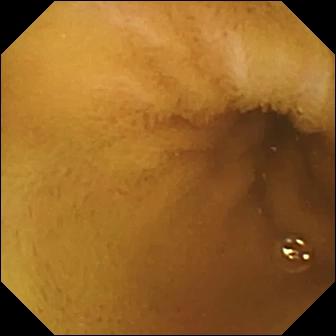Small-bowel capsule endoscopy view, small intestine
Finding: normal clean mucosa